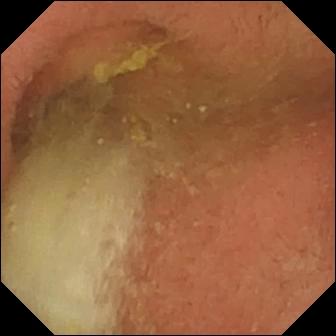Capsule endoscopy — pylorus region (the junction between the stomach and the small bowel).